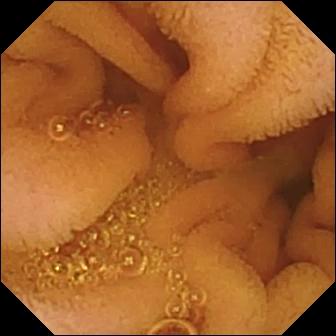Video capsule endoscopy — normal clean mucosa.